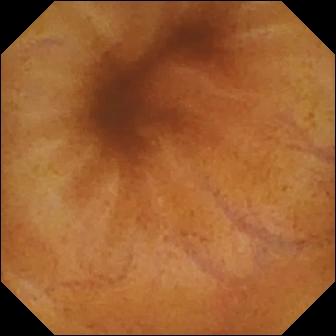Video capsule endoscopy view showing normal clean mucosa.